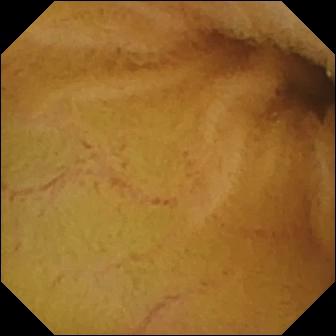Q: What does this VCE image of the small intestine show?
A: Normal clean mucosa.